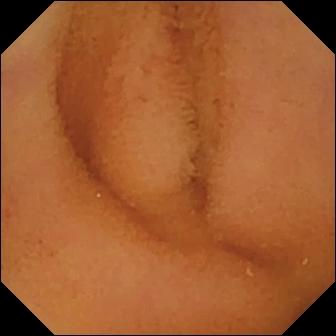This WCE frame shows normal clean mucosa.